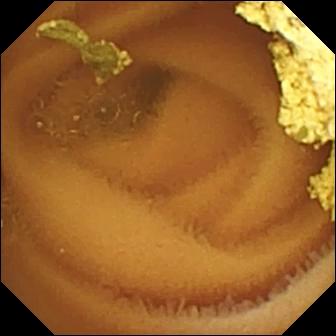Normal clean mucosa.